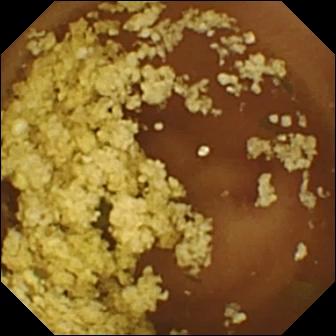PROCEDURE: Wireless capsule endoscopy.
SEGMENT: Small intestine.
FINDINGS: Normal clean mucosa.